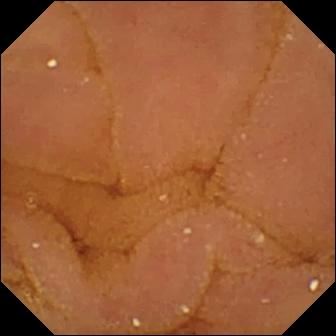VCE. Small bowel. Luminal finding. Finding: normal clean mucosa.